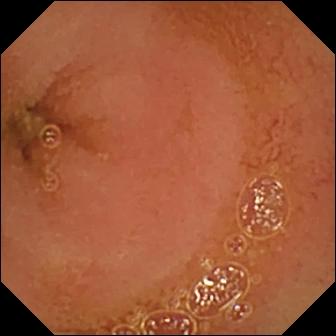- modality: video capsule endoscopy
- segment: small bowel
- category: luminal finding
- impression: normal clean mucosa